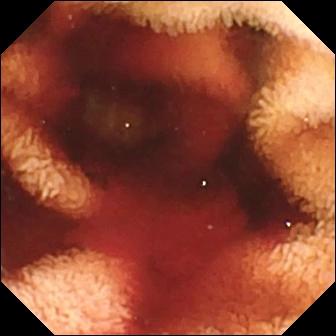PROCEDURE: Capsule endoscopy.
FINDINGS: Fresh blood in the lumen.